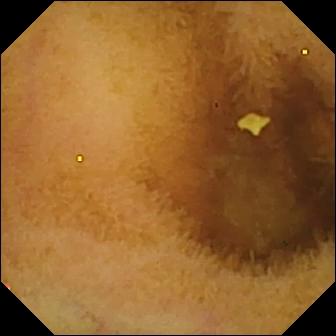Normal clean mucosa.